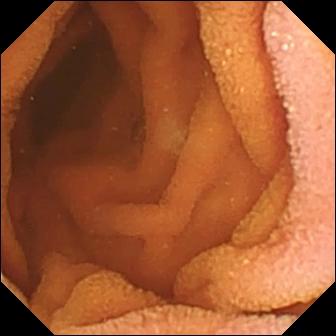PROCEDURE: Small-bowel capsule endoscopy.
SEGMENT: Small bowel.
FINDINGS: Normal clean mucosa.